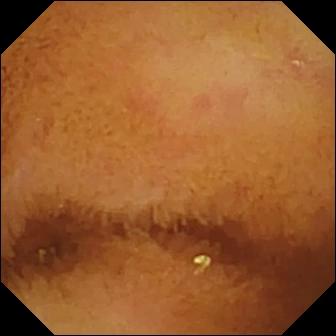PROCEDURE: Video capsule endoscopy.
FINDINGS: Normal clean mucosa.